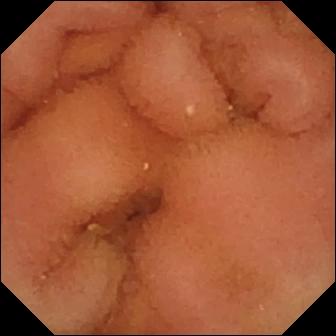{"modality": "video capsule endoscopy", "segment": "small bowel", "finding": "normal clean mucosa"}